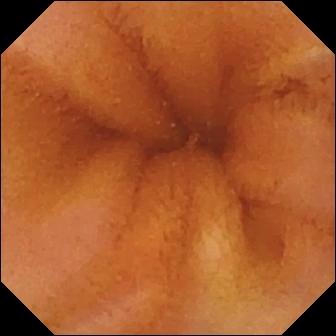Wireless capsule endoscopy. Luminal finding. Finding: normal clean mucosa.